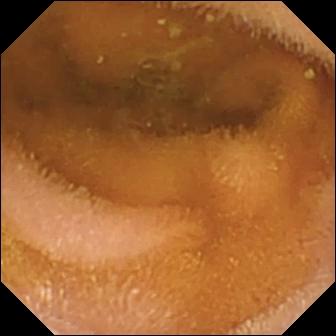PROCEDURE: Wireless capsule endoscopy.
SEGMENT: Small intestine.
FINDINGS: Normal clean mucosa.